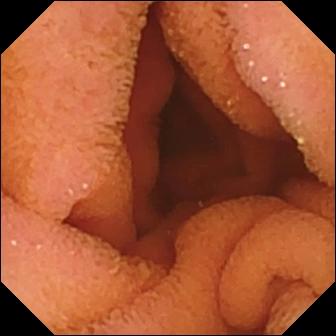Normal clean mucosa.